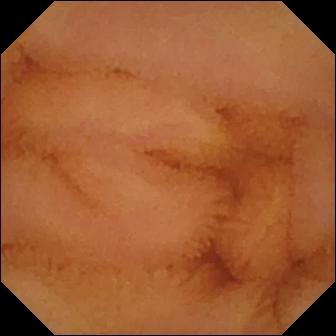{"modality": "wireless capsule endoscopy", "segment": "small intestine", "finding": "normal clean mucosa"}